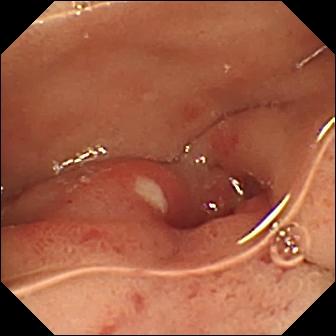Capsule endoscopy view
Label: ulcer